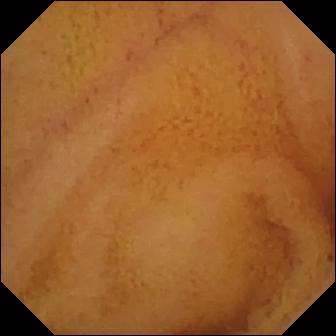Q: What does this capsule endoscopy snapshot show?
A: Normal clean mucosa.